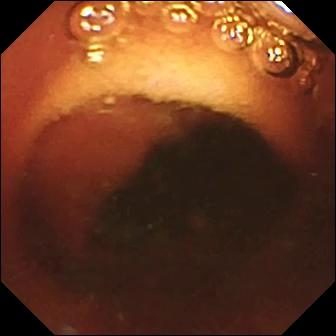VCE frame
Label: ileo-cecal valve region (the transition from the small bowel to the large bowel)